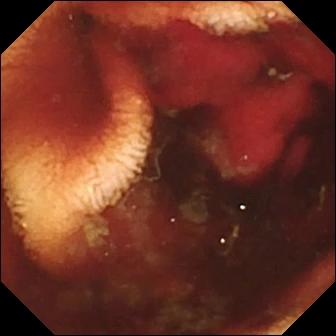modality: WCE
label: fresh blood in the lumen